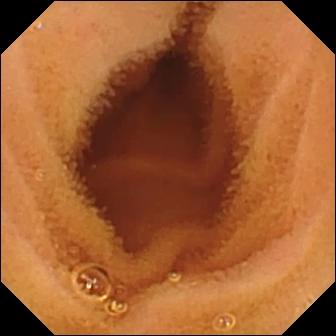- modality: WCE
- segment: small bowel
- category: luminal finding
- observation: normal clean mucosa